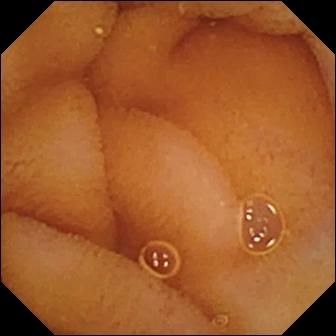Capsule endoscopy still showing normal clean mucosa.